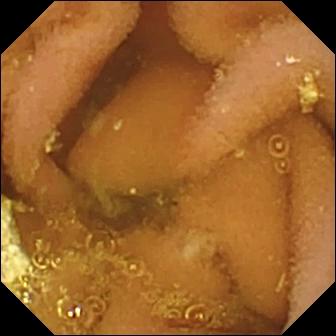VCE still, 336×336. Lymphangiectasia.